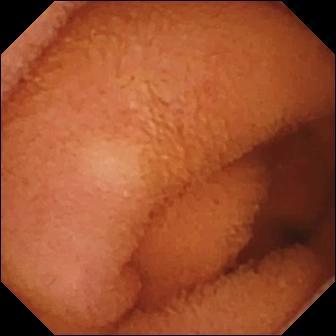Video capsule endoscopy. Label: normal clean mucosa.